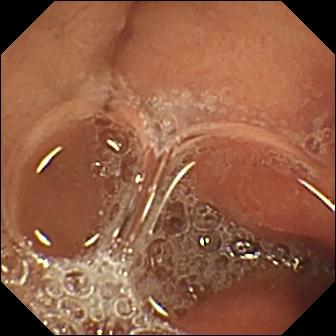- modality: wireless capsule endoscopy
- impression: erosion